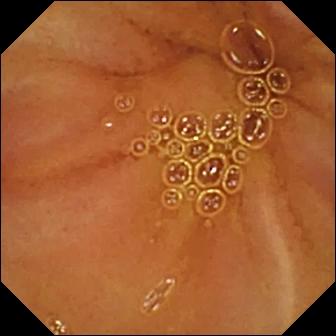Q: What does this video capsule endoscopy image of the small intestine show?
A: Normal clean mucosa.